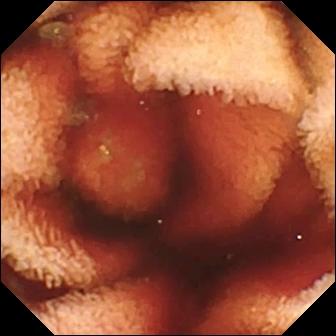This video capsule endoscopy snapshot shows fresh blood in the lumen.